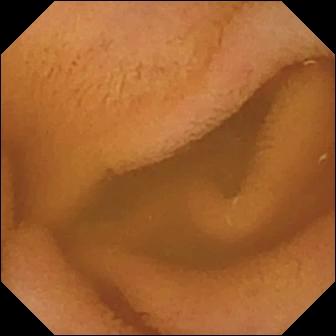PROCEDURE: Small-bowel capsule endoscopy.
SEGMENT: Small intestine.
FINDINGS: Normal clean mucosa.